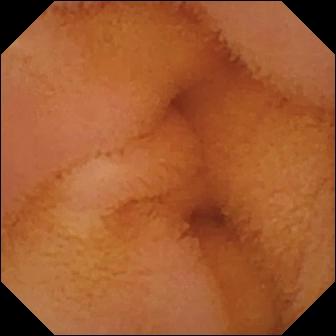Wireless capsule endoscopy still
Finding: normal clean mucosa